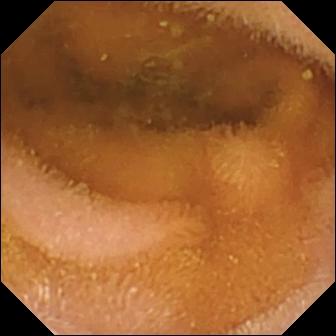VCE still (small bowel). Normal clean mucosa.